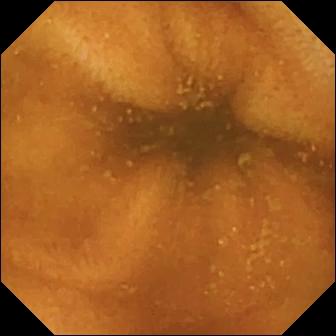Normal clean mucosa.